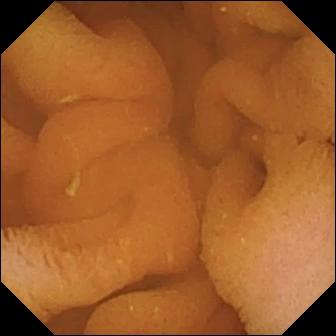Normal clean mucosa — wireless capsule endoscopy frame.